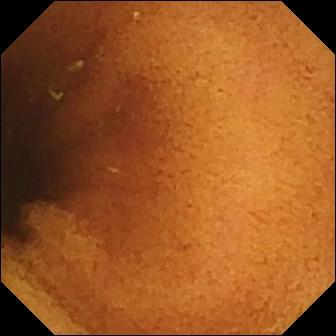Normal clean mucosa.